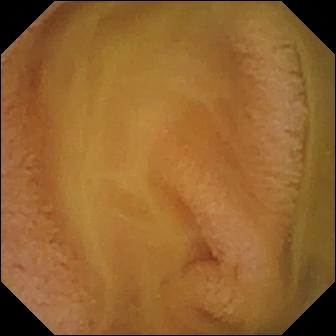WCE. Small intestine. Luminal finding. Label: normal clean mucosa.